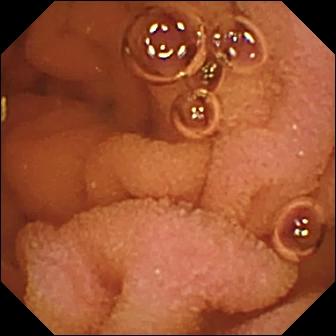Video capsule endoscopy frame, small bowel
Impression: normal clean mucosa